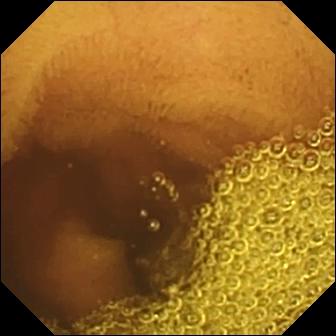- modality: capsule endoscopy
- segment: small intestine
- label: normal clean mucosa